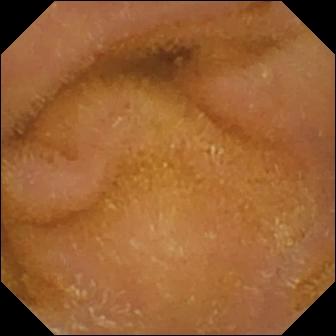PROCEDURE: WCE.
SEGMENT: Small intestine.
FINDINGS: Normal clean mucosa.